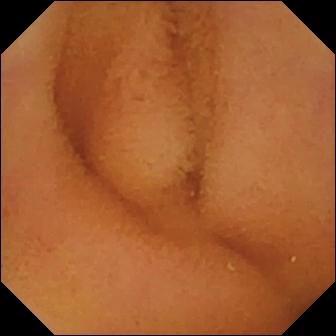PROCEDURE: VCE.
SEGMENT: Small bowel.
FINDINGS: Normal clean mucosa.